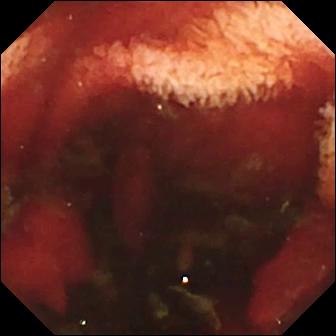Wireless capsule endoscopy frame
Observation: fresh blood in the lumen